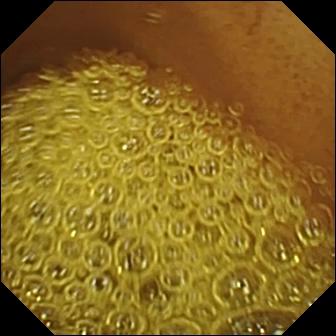Capsule endoscopy snapshot of the small intestine showing normal clean mucosa.